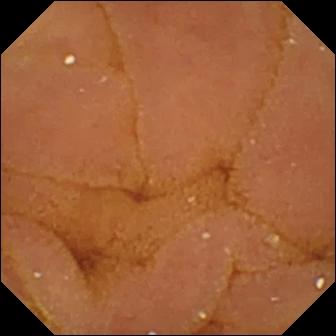WCE still (small bowel), 336×336. Normal clean mucosa.